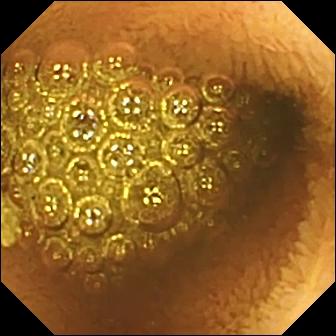Video capsule endoscopy snapshot of the small bowel showing reduced mucosal view (content or bubbles obscuring the mucosa).